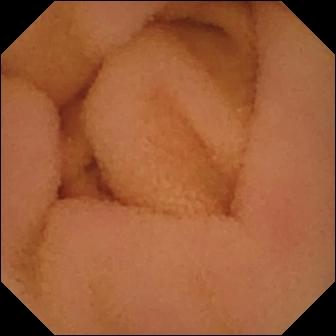modality: video capsule endoscopy | finding: normal clean mucosa